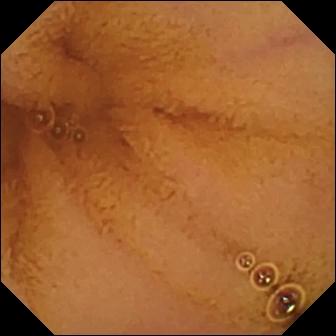Small-bowel capsule endoscopy. Small bowel. Luminal finding. Observation: normal clean mucosa.